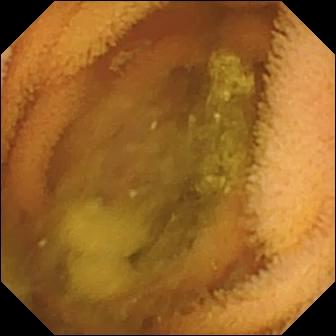- modality: VCE
- segment: small intestine
- category: luminal finding
- observation: normal clean mucosa